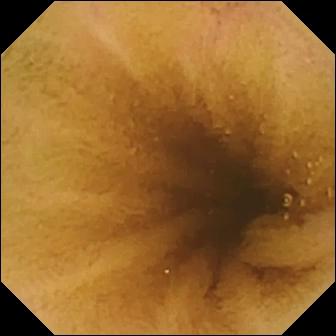Small-bowel capsule endoscopy image. Normal clean mucosa.